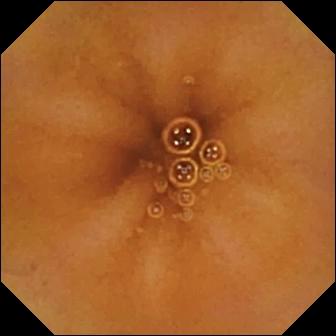This small-bowel capsule endoscopy still of the small intestine shows normal clean mucosa.